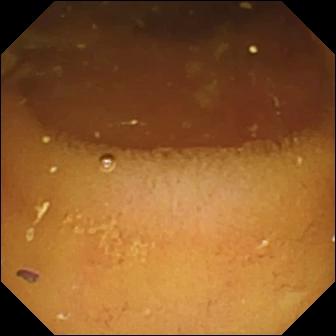PROCEDURE: WCE.
LABEL: Pylorus region (the junction between the stomach and the small bowel).